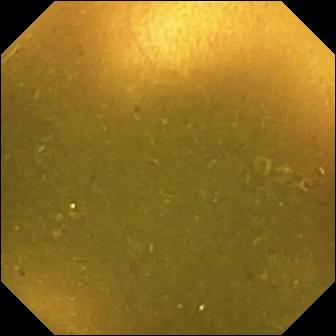WCE view taken in the ileo-cecal valve region.